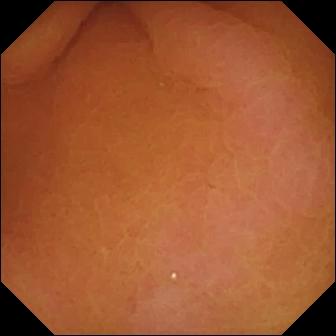This video capsule endoscopy image was taken in the pylorus region (the junction between the stomach and the small bowel).